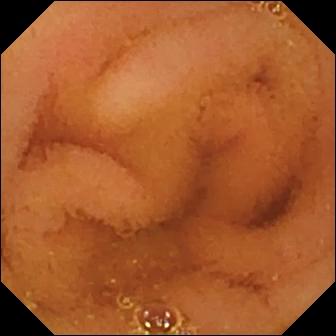PROCEDURE: VCE.
FINDINGS: Normal clean mucosa.